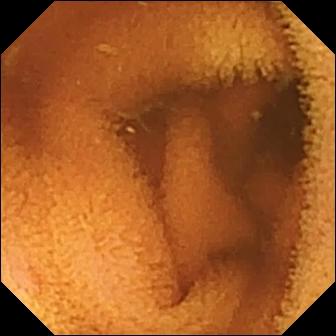VCE still of the small intestine showing normal clean mucosa.